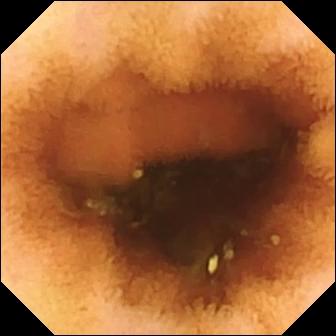Video capsule endoscopy image showing normal clean mucosa.